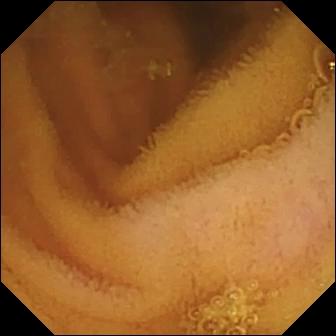{"modality": "capsule endoscopy", "segment": "small bowel", "finding": "normal clean mucosa"}